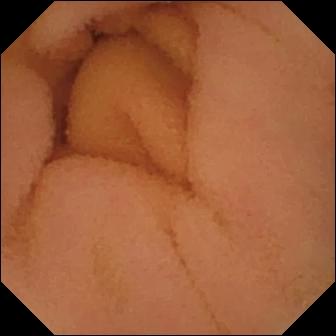Normal clean mucosa — small-bowel capsule endoscopy frame.